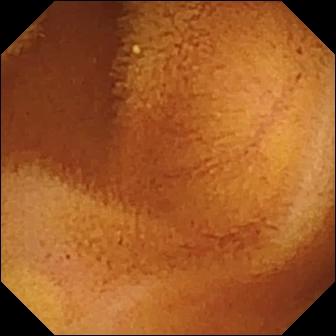Capsule endoscopy — normal clean mucosa.